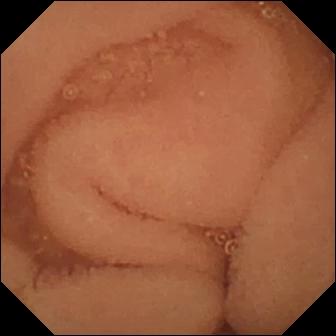Video capsule endoscopy — normal clean mucosa.